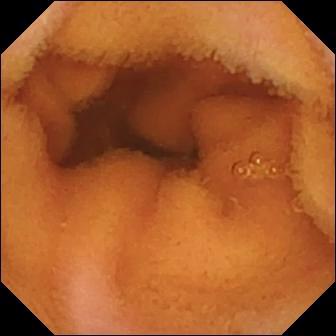Q: What does this WCE snapshot show?
A: Normal clean mucosa.